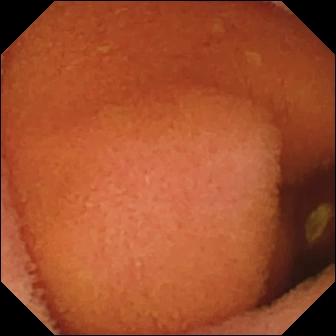{"modality": "VCE", "segment": "small intestine", "finding": "normal clean mucosa"}